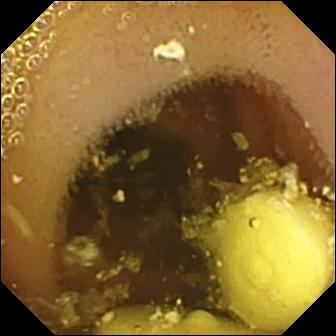modality: wireless capsule endoscopy
label: foreign body (e.g. retained capsule, tablet residue)